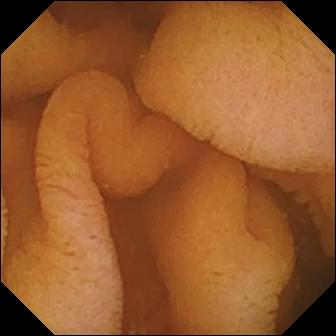modality: wireless capsule endoscopy
segment: small bowel
impression: normal clean mucosa